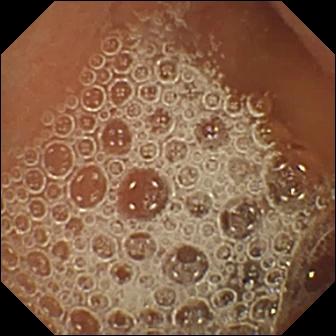Normal clean mucosa — WCE still.